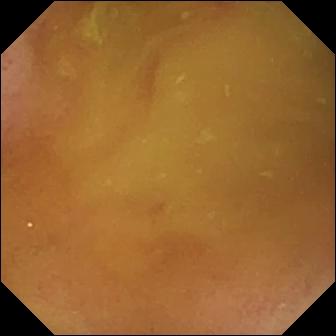VCE image (small bowel), 336×336. Normal clean mucosa.